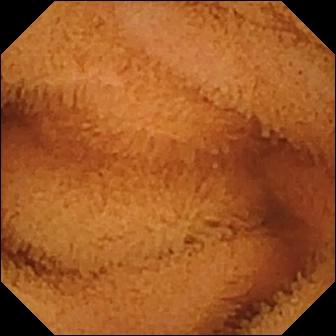VCE — normal clean mucosa.